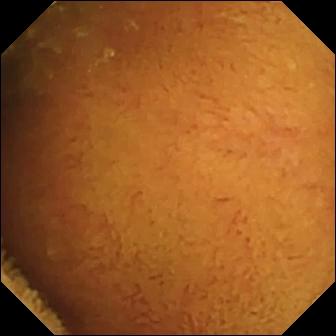modality: VCE | impression: normal clean mucosa